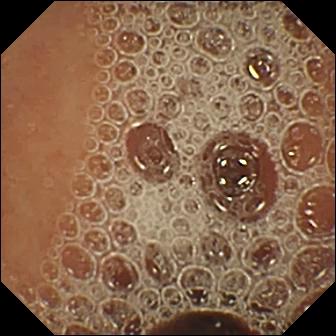PROCEDURE: Video capsule endoscopy.
FINDINGS: Normal clean mucosa.